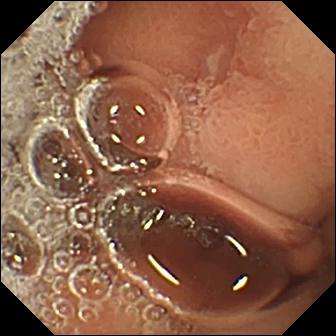PROCEDURE: VCE.
FINDINGS: Erosion.